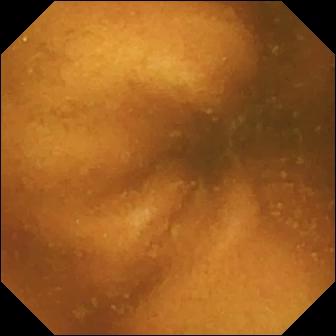- modality: VCE
- segment: small intestine
- finding: normal clean mucosa